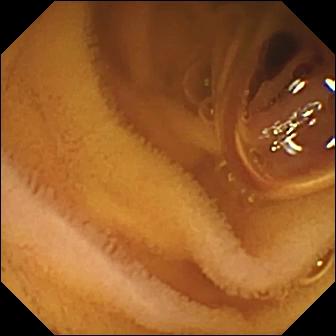Normal clean mucosa.